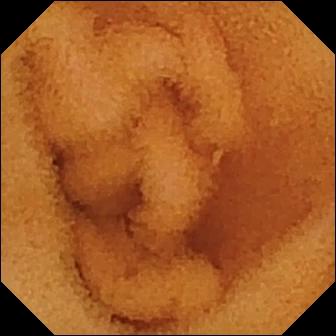Capsule endoscopy. Impression: normal clean mucosa.